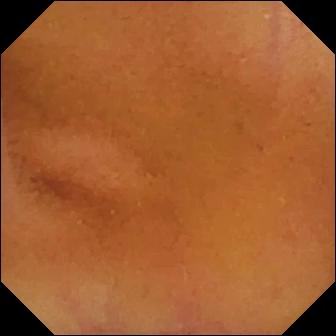PROCEDURE: Video capsule endoscopy.
SEGMENT: Small intestine.
FINDINGS: Normal clean mucosa.